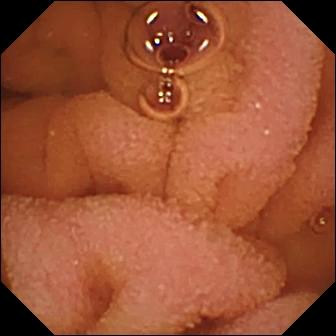Capsule endoscopy snapshot
Impression: normal clean mucosa